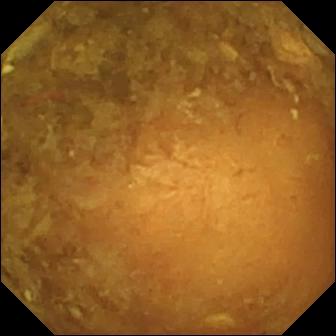Small-bowel capsule endoscopy snapshot showing reduced mucosal view (content or bubbles obscuring the mucosa).